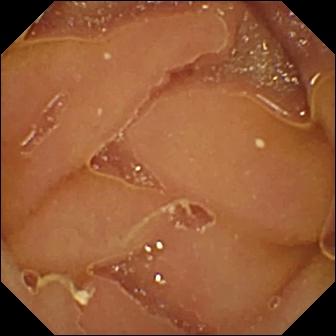Video capsule endoscopy — normal clean mucosa.